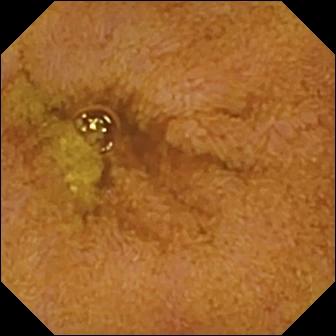Video capsule endoscopy snapshot
Video segment: ileo-cecal valve region (where the capsule passes from the small bowel into the large bowel)